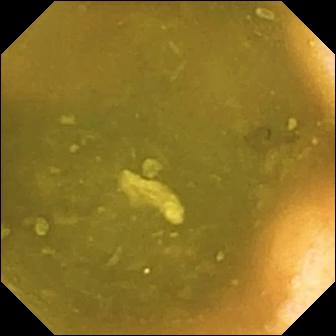Small-bowel capsule endoscopy. Video segment: ileo-cecal valve region (where the capsule passes from the small bowel into the large bowel).